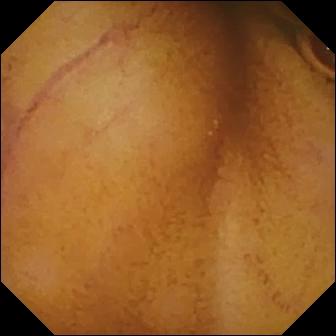This video capsule endoscopy image of the small intestine shows normal clean mucosa.